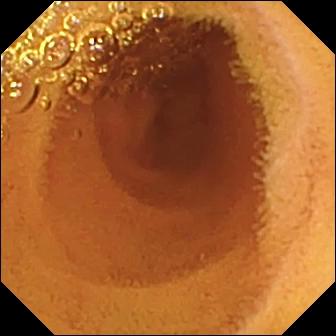Q: What does this video capsule endoscopy still of the small intestine show?
A: Normal clean mucosa.